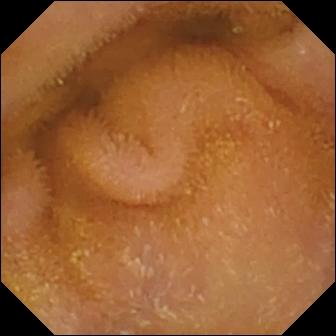Normal clean mucosa — VCE image.